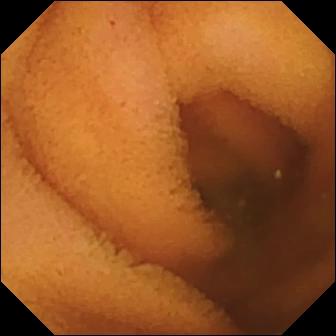Capsule endoscopy. Observation: normal clean mucosa.